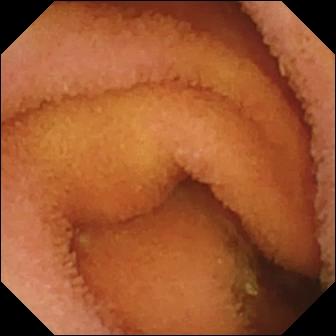- modality: VCE
- segment: small bowel
- finding: normal clean mucosa